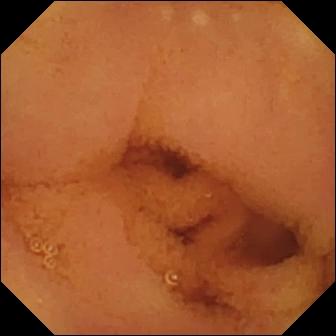- modality: VCE
- segment: small bowel
- category: luminal finding
- finding: normal clean mucosa